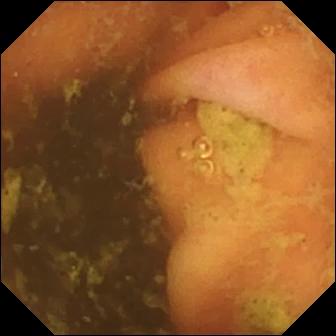Video capsule endoscopy — ileo-cecal valve region (where the capsule passes from the small bowel into the large bowel).